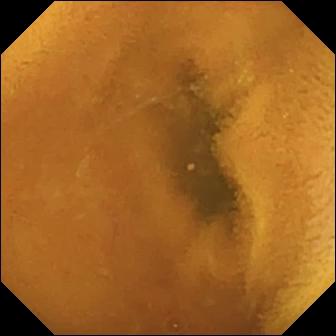Capsule endoscopy frame, small bowel
Label: normal clean mucosa